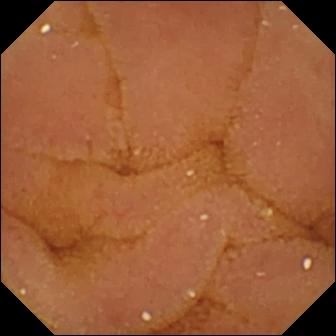VCE — normal clean mucosa.